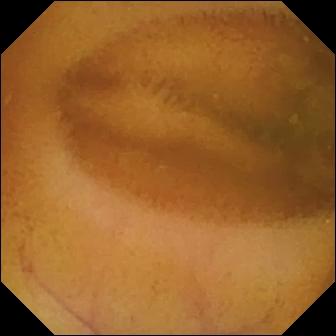Normal clean mucosa — small-bowel capsule endoscopy image of the small bowel.